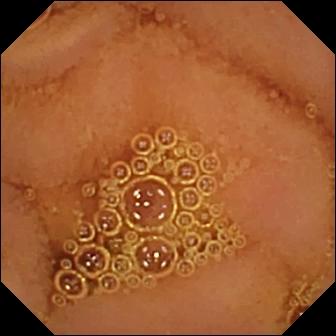Video capsule endoscopy frame (small intestine). Normal clean mucosa.